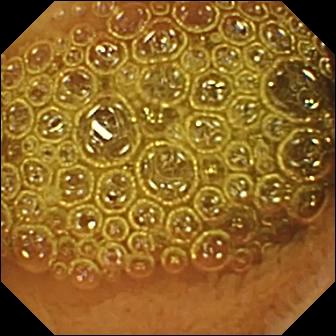Reduced mucosal view (content or bubbles obscuring the mucosa) — VCE snapshot.